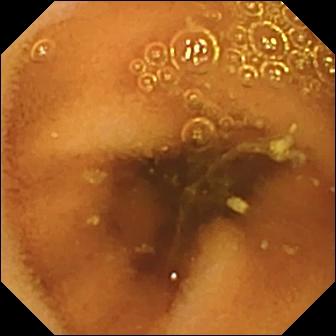WCE frame of the small bowel showing normal clean mucosa.